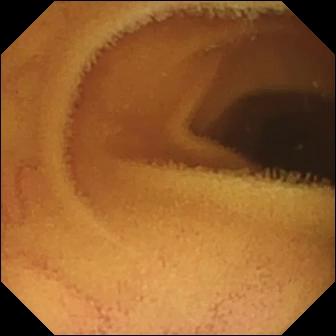Normal clean mucosa.